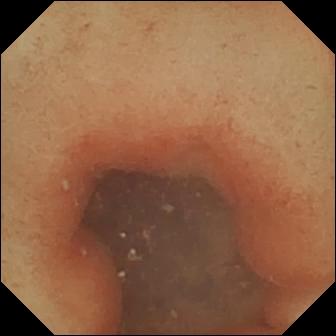Pylorus region.